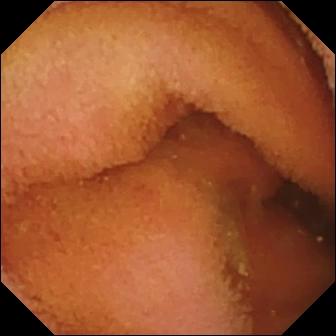PROCEDURE: WCE.
FINDINGS: Normal clean mucosa.